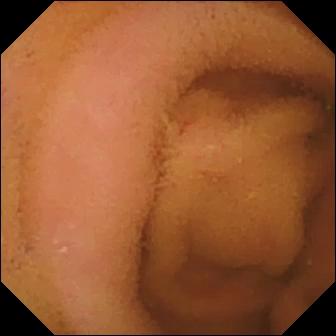Wireless capsule endoscopy — normal clean mucosa.